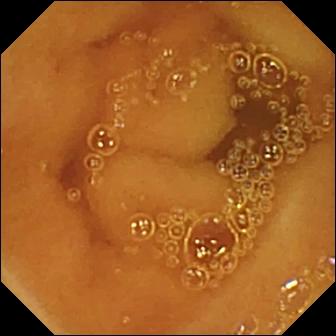This wireless capsule endoscopy view of the small bowel shows normal clean mucosa.